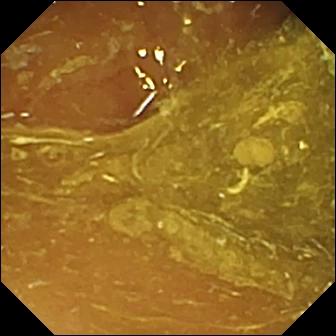{"modality": "VCE", "category": "anatomical landmark", "label": "ileo-cecal valve region (where the capsule passes from the small bowel into the large bowel)"}